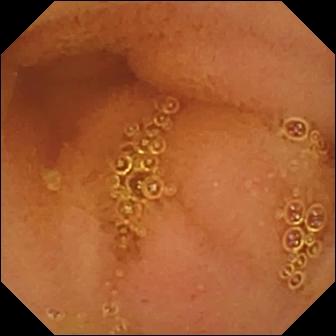Small-bowel capsule endoscopy. Impression: normal clean mucosa.